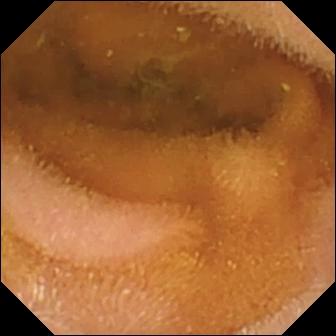{"modality": "small-bowel capsule endoscopy", "segment": "small bowel", "category": "luminal finding", "finding": "normal clean mucosa"}